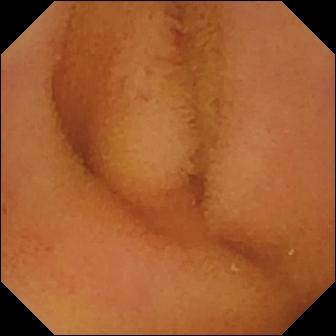This capsule endoscopy snapshot of the small bowel shows normal clean mucosa.